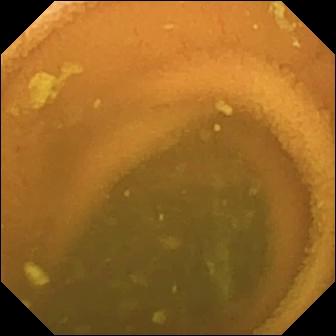Normal clean mucosa — wireless capsule endoscopy frame of the small intestine.